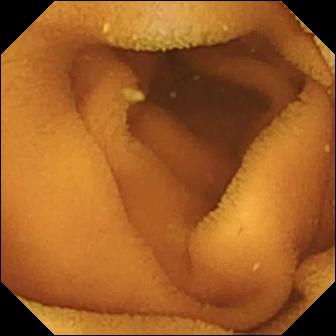WCE snapshot (small bowel). Normal clean mucosa.